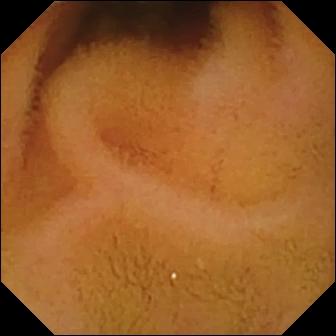Small-bowel capsule endoscopy image
Observation: normal clean mucosa